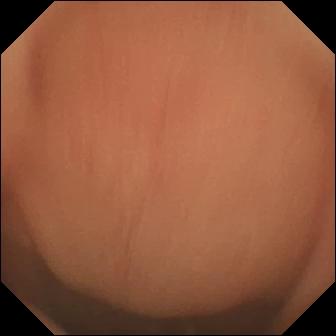Capsule endoscopy — normal clean mucosa.